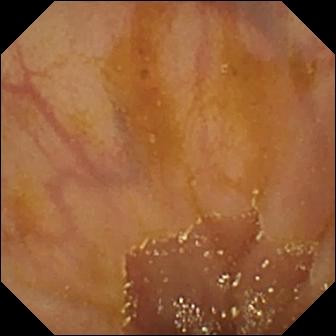WCE. Label: ileo-cecal valve region (the transition from the small bowel to the large bowel).